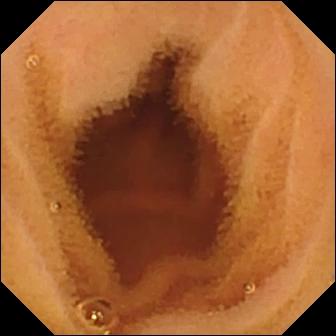Video capsule endoscopy still (small bowel). Normal clean mucosa.